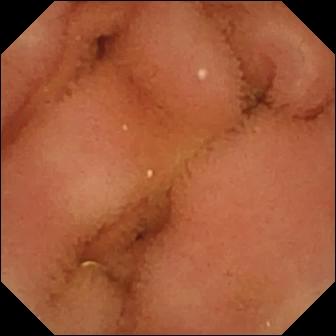Normal clean mucosa.